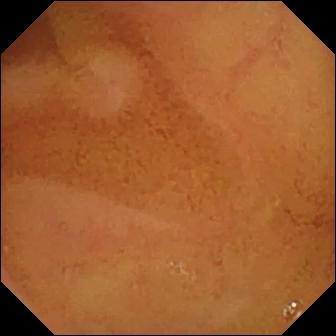Small-bowel capsule endoscopy snapshot
Finding: normal clean mucosa